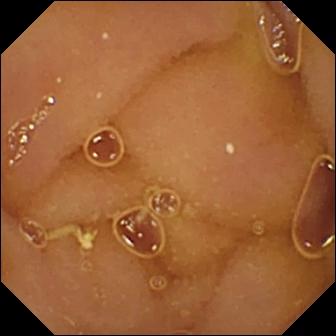Small-bowel capsule endoscopy view of the small bowel showing normal clean mucosa.